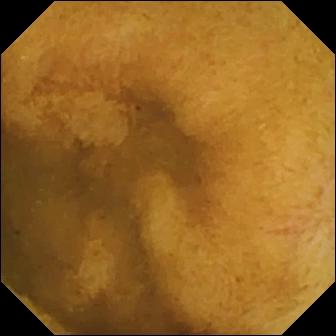Capsule endoscopy frame (small intestine), 336×336. Normal clean mucosa.